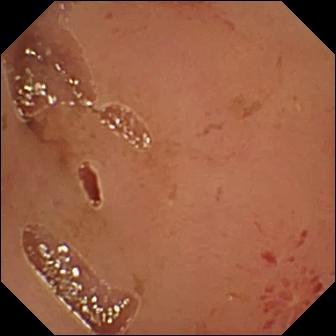modality: wireless capsule endoscopy; label: erosion